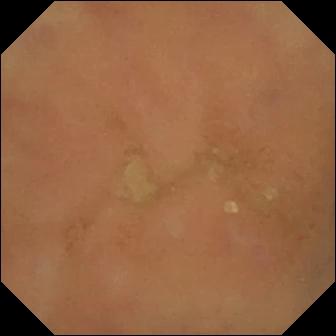Small-bowel capsule endoscopy — normal clean mucosa.